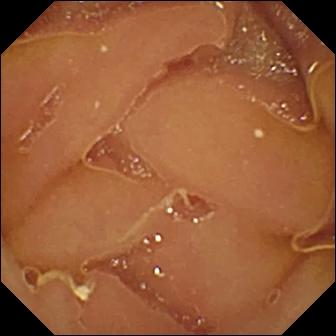Wireless capsule endoscopy. Observation: normal clean mucosa.